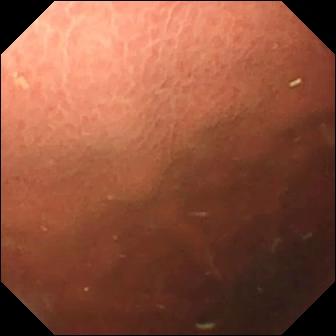Pylorus region (the junction between the stomach and the small bowel) — small-bowel capsule endoscopy frame.